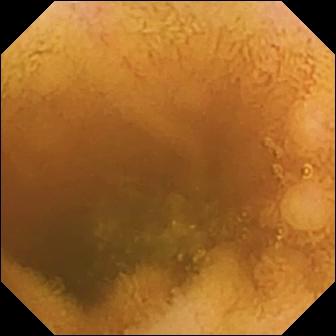VCE. Small intestine. Label: normal clean mucosa.